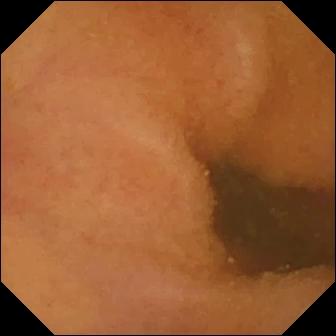Q: What does this capsule endoscopy frame of the small bowel show?
A: Normal clean mucosa.